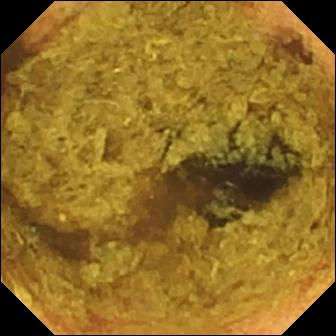modality: video capsule endoscopy; segment: small intestine; observation: normal clean mucosa